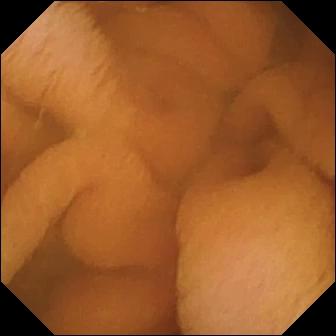Q: What does this video capsule endoscopy still of the small bowel show?
A: Normal clean mucosa.